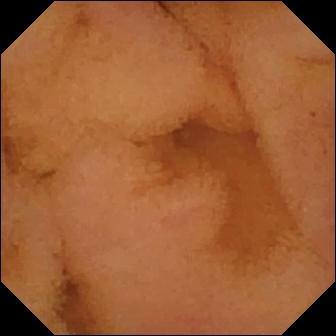Normal clean mucosa (336×336).